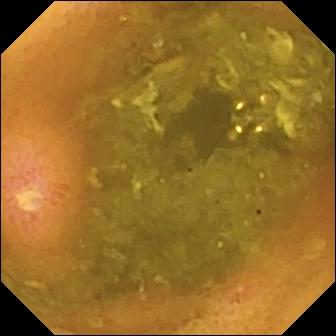Wireless capsule endoscopy. Observation: ulcer.